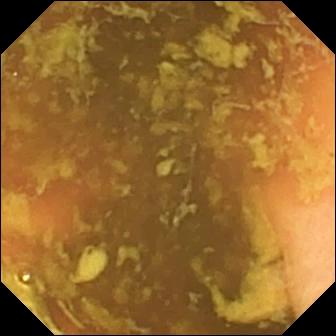{"modality": "capsule endoscopy", "position": "ileo-cecal valve region (the transition from the small bowel to the large bowel)"}